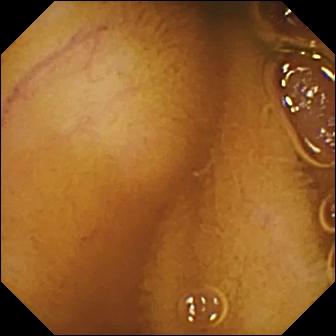WCE. Luminal finding. Finding: normal clean mucosa.